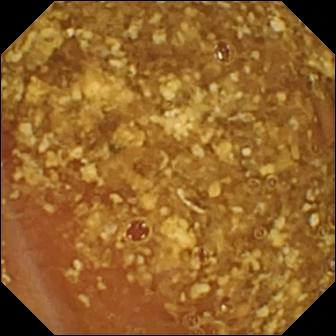Q: What does this video capsule endoscopy snapshot of the small bowel show?
A: Reduced mucosal view (content or bubbles obscuring the mucosa).